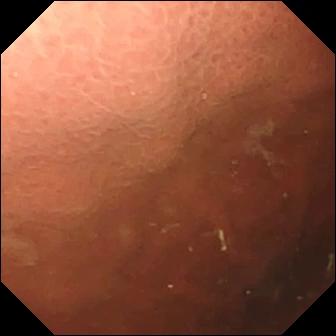Capsule endoscopy — pylorus region (the junction between the stomach and the small bowel).